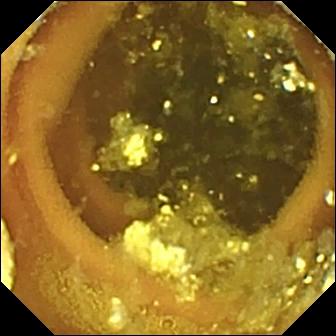Q: What does this capsule endoscopy still show?
A: Lymphangiectasia.